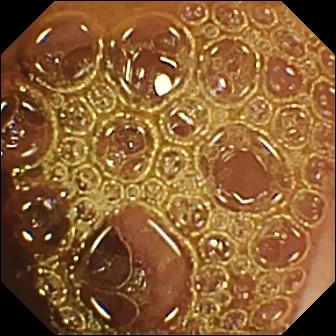VCE view
Label: normal clean mucosa